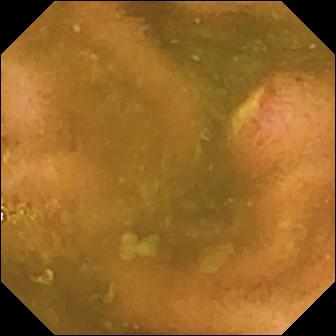Capsule endoscopy view showing ulcer.